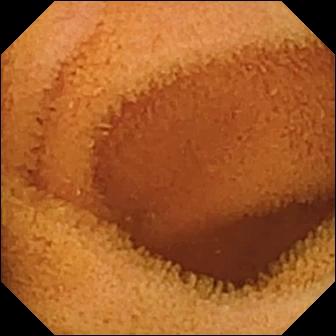This small-bowel capsule endoscopy snapshot shows normal clean mucosa.